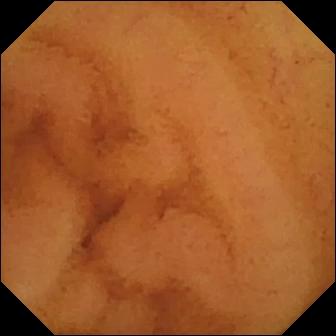{"modality": "small-bowel capsule endoscopy", "category": "luminal finding", "finding": "normal clean mucosa"}